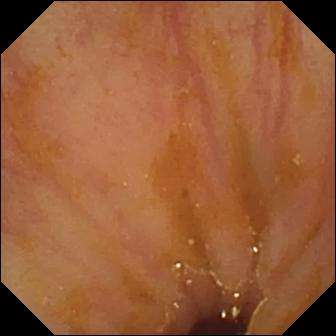WCE — ileo-cecal valve region (the transition from the small bowel to the large bowel).